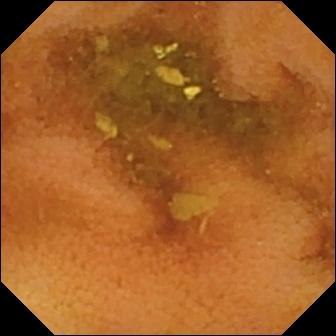Small-bowel capsule endoscopy — normal clean mucosa.